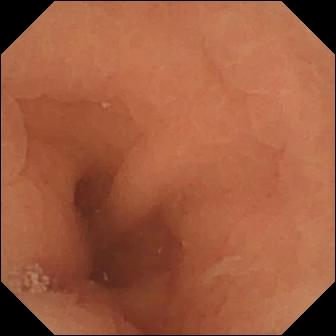WCE — normal clean mucosa.